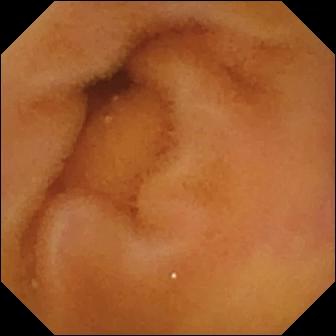- modality: WCE
- segment: small intestine
- observation: normal clean mucosa